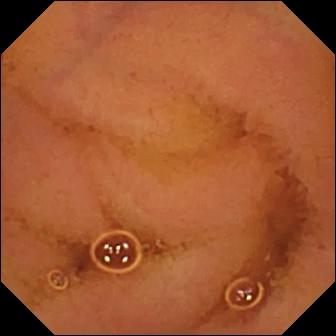Q: What does this capsule endoscopy image show?
A: Normal clean mucosa.